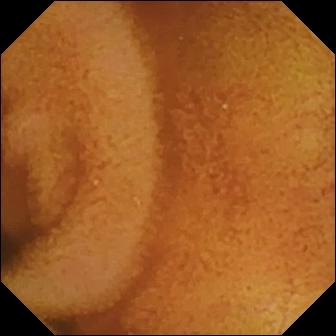Normal clean mucosa.